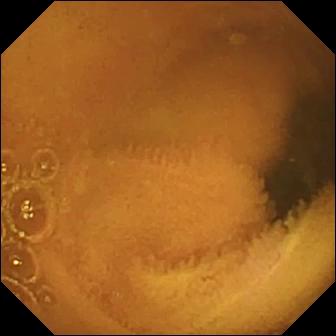Normal clean mucosa.